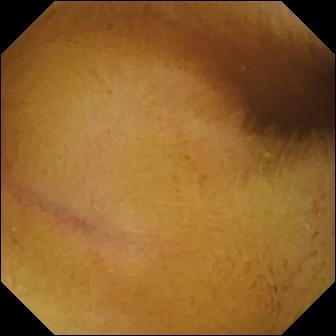Video capsule endoscopy. Small intestine. Observation: normal clean mucosa.